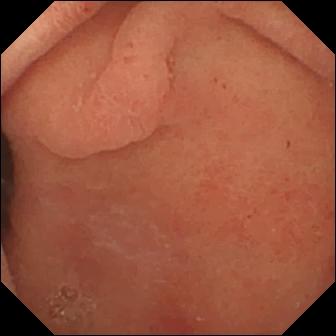Pylorus region (the junction between the stomach and the small bowel) — capsule endoscopy still.